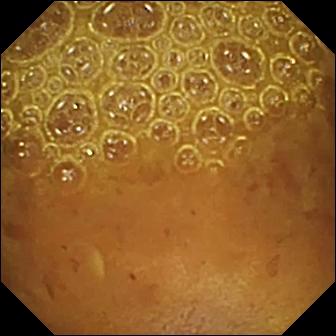Small-bowel capsule endoscopy — reduced mucosal view (content or bubbles obscuring the mucosa).